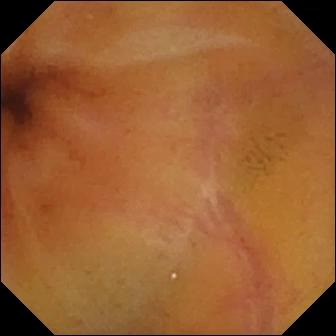VCE — normal clean mucosa.